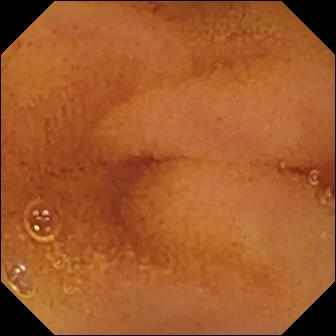VCE image, small bowel
Label: normal clean mucosa